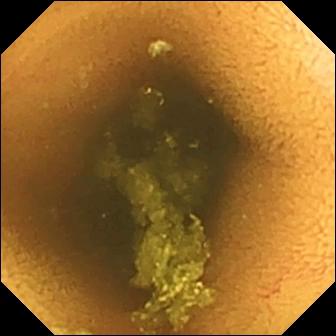modality: WCE
segment: small intestine
finding: normal clean mucosa